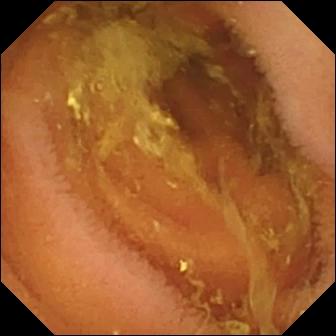Normal clean mucosa — wireless capsule endoscopy image.